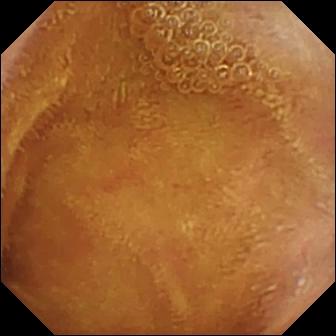Small-bowel capsule endoscopy still
Label: normal clean mucosa